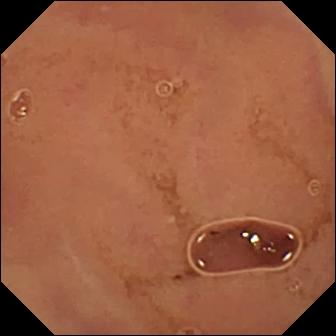{"modality": "WCE", "category": "luminal finding", "finding": "normal clean mucosa"}